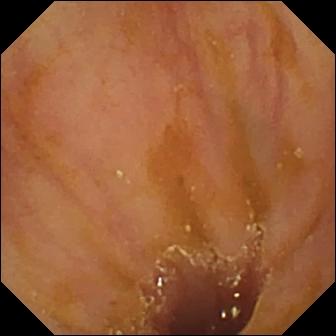Video capsule endoscopy — ileo-cecal valve region (the transition from the small bowel to the large bowel).